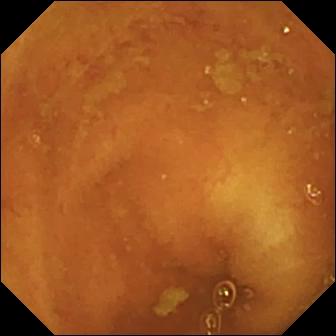VCE snapshot. Taken in the ileo-cecal valve region (where the capsule passes from the small bowel into the large bowel).